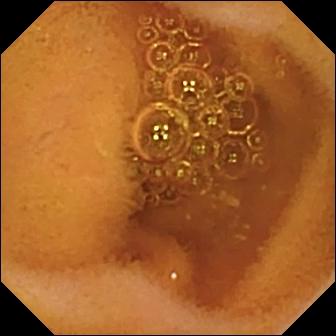- modality: VCE
- observation: normal clean mucosa